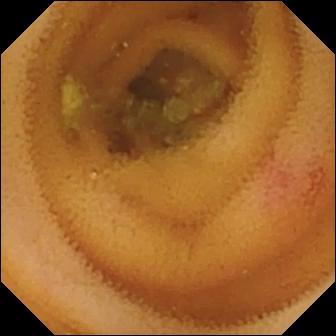Wireless capsule endoscopy image
Label: angiectasia